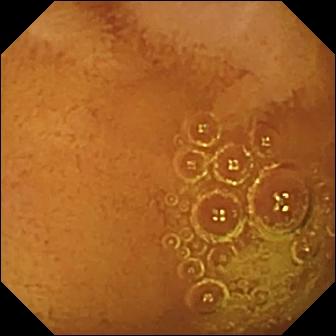Video capsule endoscopy still of the small bowel showing normal clean mucosa.